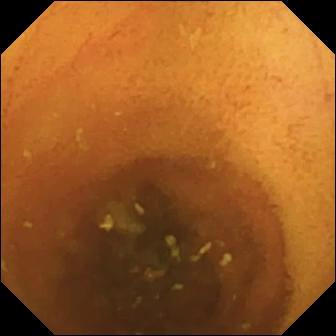- modality: WCE
- segment: small intestine
- finding: normal clean mucosa